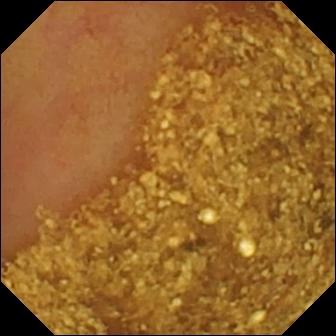Q: Where in the digestive tract was this wireless capsule endoscopy image taken?
A: Ileo-cecal valve region.